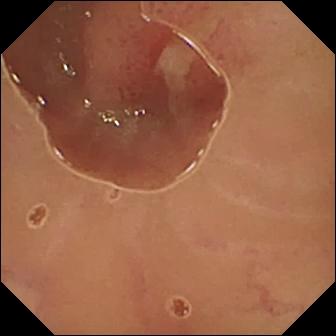Ulcer.